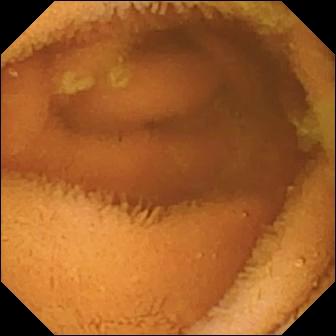WCE — normal clean mucosa.